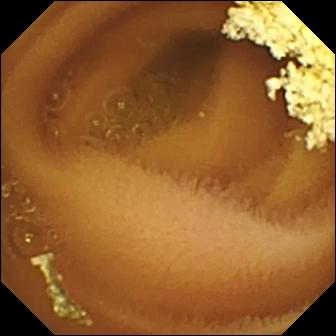Normal clean mucosa — VCE frame of the small bowel.